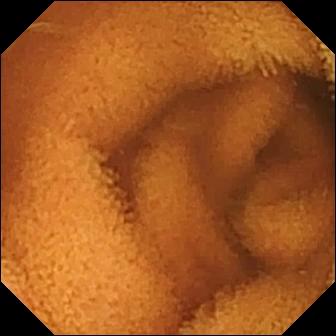Capsule endoscopy image showing normal clean mucosa.